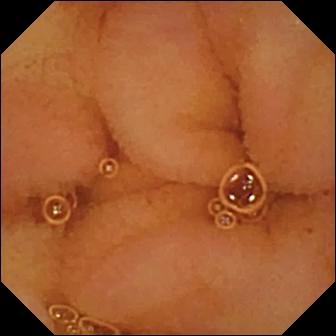modality: VCE
segment: small bowel
category: luminal finding
observation: normal clean mucosa